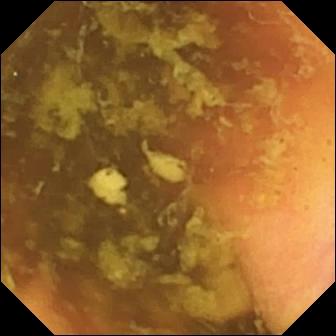- modality: wireless capsule endoscopy
- category: anatomical landmark
- label: ileo-cecal valve region